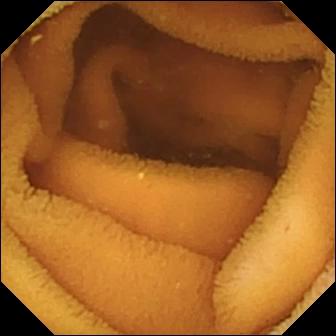This WCE snapshot of the small intestine shows normal clean mucosa.